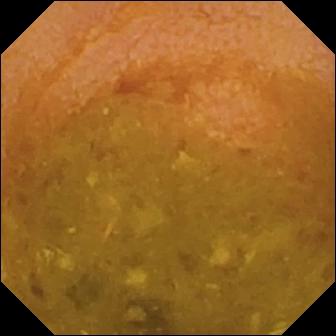- modality: WCE
- observation: reduced mucosal view (content or bubbles obscuring the mucosa)